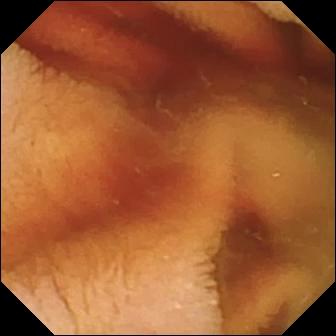This small-bowel capsule endoscopy snapshot shows fresh blood in the lumen.